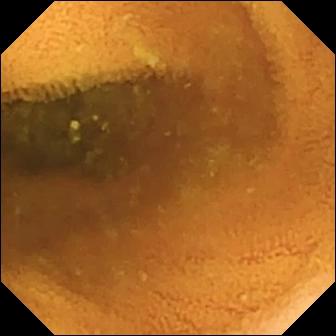Normal clean mucosa — wireless capsule endoscopy image of the small bowel.